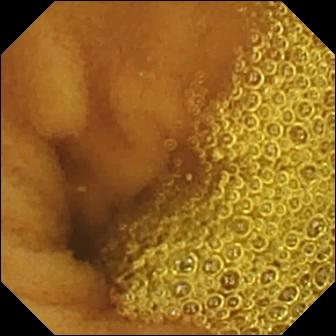Small-bowel capsule endoscopy still of the small bowel showing normal clean mucosa.